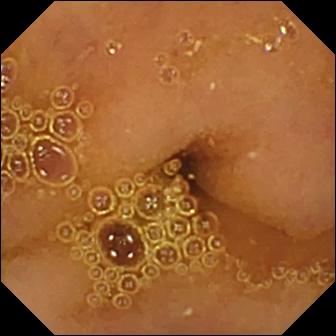{"modality": "small-bowel capsule endoscopy", "segment": "small intestine", "finding": "normal clean mucosa"}